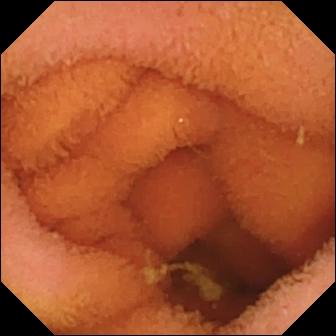Q: What does this VCE snapshot show?
A: Normal clean mucosa.